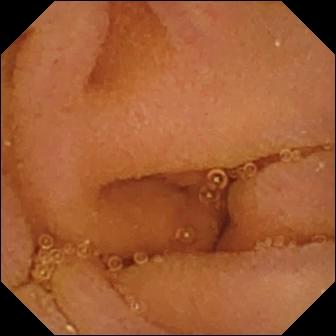{"modality": "WCE", "finding": "normal clean mucosa"}